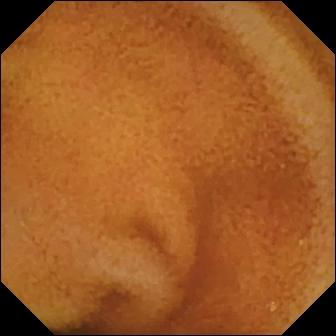This wireless capsule endoscopy image shows normal clean mucosa.